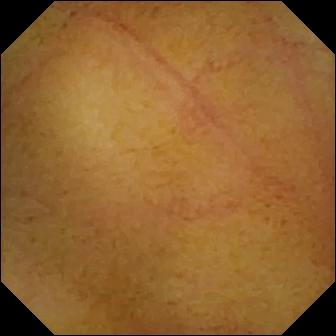Normal clean mucosa (336×336).